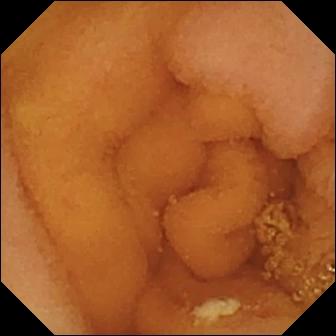Capsule endoscopy — normal clean mucosa.